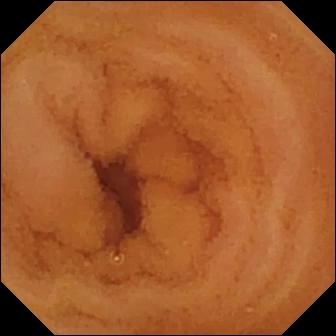{"modality": "capsule endoscopy", "category": "luminal finding", "finding": "normal clean mucosa"}